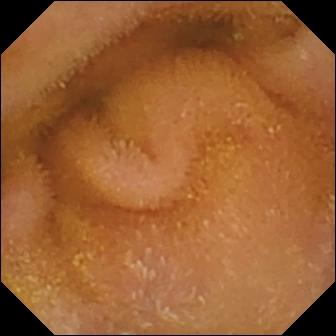Small-bowel capsule endoscopy image. Normal clean mucosa.